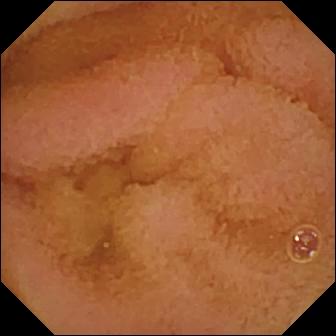VCE image
Observation: normal clean mucosa